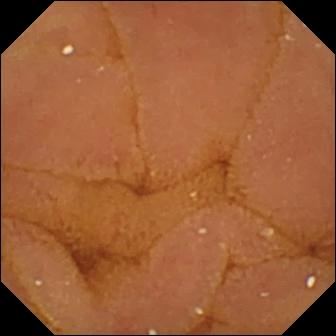PROCEDURE: Wireless capsule endoscopy.
FINDINGS: Normal clean mucosa.